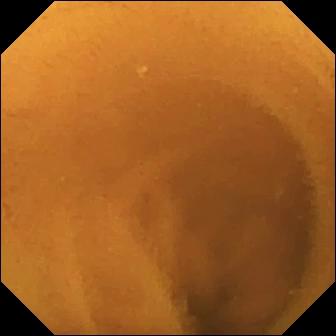This wireless capsule endoscopy view of the small intestine shows normal clean mucosa.